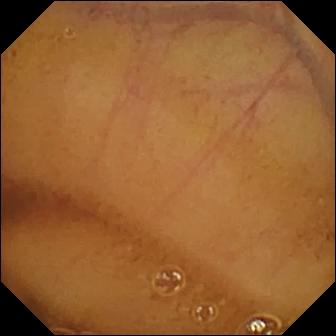Normal clean mucosa.